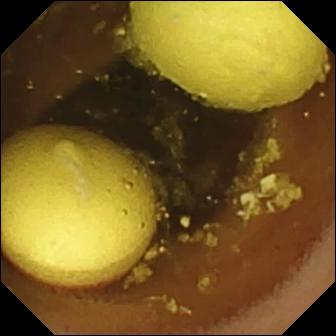{"modality": "VCE", "finding": "foreign body (e.g. retained capsule, tablet residue)"}